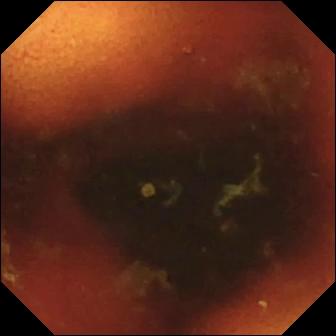Video capsule endoscopy — ileo-cecal valve region.